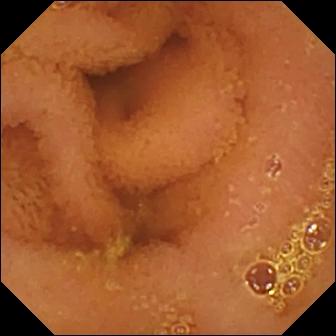This video capsule endoscopy snapshot shows normal clean mucosa.